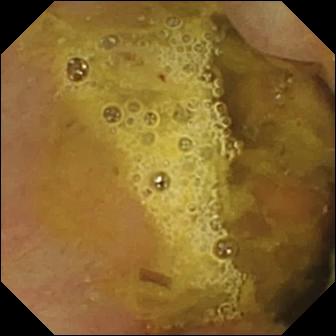VCE. Video segment: ileo-cecal valve region (the transition from the small bowel to the large bowel).